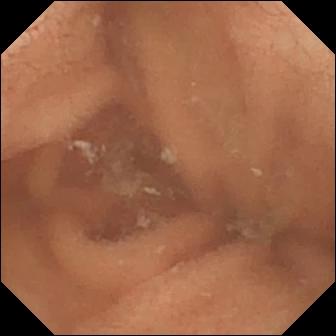- modality: small-bowel capsule endoscopy
- label: normal clean mucosa